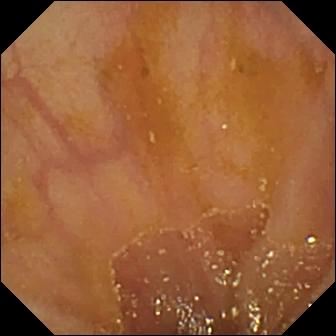{"modality": "small-bowel capsule endoscopy", "category": "anatomical landmark", "label": "ileo-cecal valve region (the transition from the small bowel to the large bowel)"}